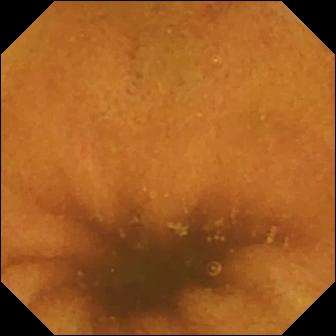VCE snapshot of the small bowel showing normal clean mucosa.